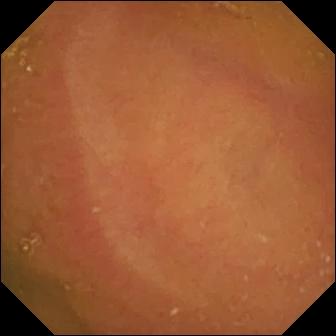{"modality": "VCE", "segment": "small intestine", "finding": "normal clean mucosa"}